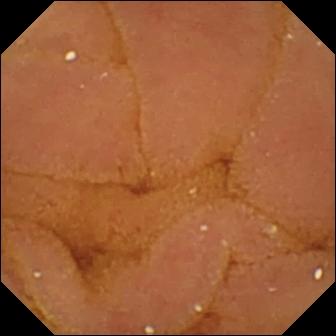Normal clean mucosa — wireless capsule endoscopy snapshot.